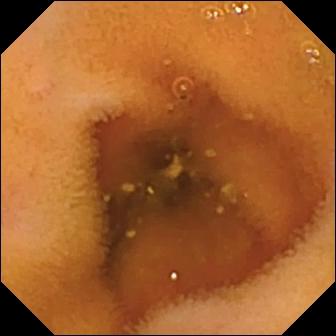WCE view showing normal clean mucosa.